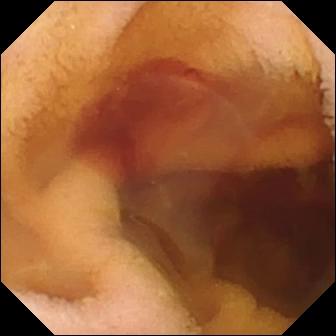PROCEDURE: Small-bowel capsule endoscopy.
FINDINGS: Fresh blood in the lumen.